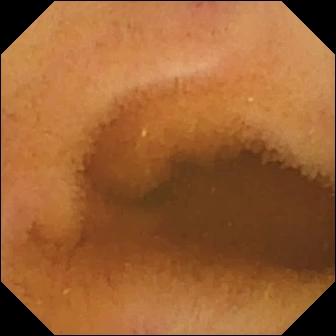Video capsule endoscopy still, small bowel
Finding: normal clean mucosa